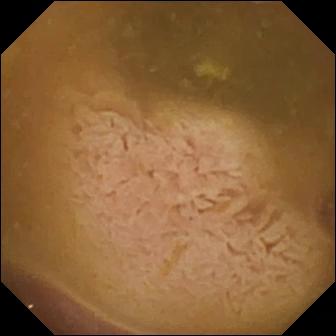- modality: small-bowel capsule endoscopy
- label: ileo-cecal valve region